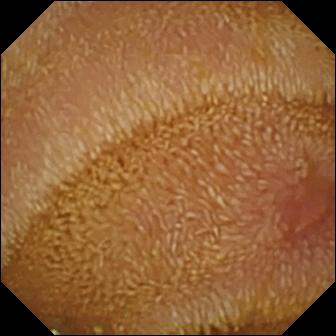Video capsule endoscopy still. Erosion.